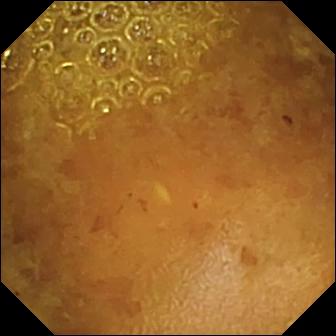modality: VCE
observation: reduced mucosal view (content or bubbles obscuring the mucosa)